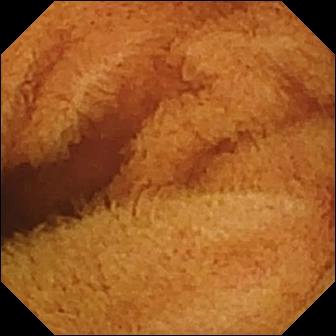Small-bowel capsule endoscopy image. Normal clean mucosa.